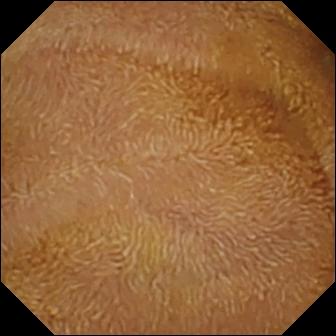Capsule endoscopy. Small bowel. Label: normal clean mucosa.